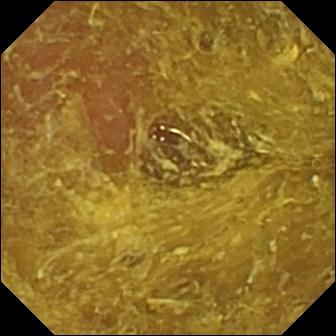PROCEDURE: Wireless capsule endoscopy.
FINDINGS: Reduced mucosal view (content or bubbles obscuring the mucosa).